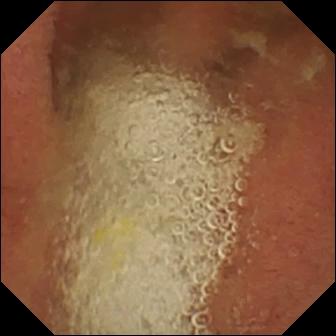Pylorus region.